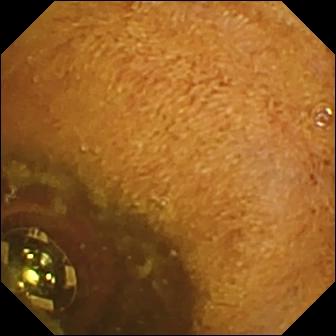WCE snapshot
Finding: foreign body (e.g. retained capsule, tablet residue)